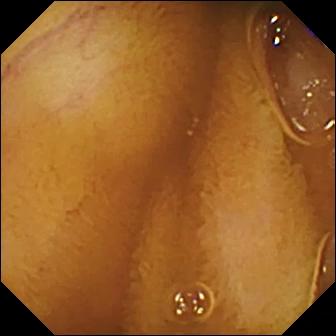WCE frame, 336×336. Normal clean mucosa.